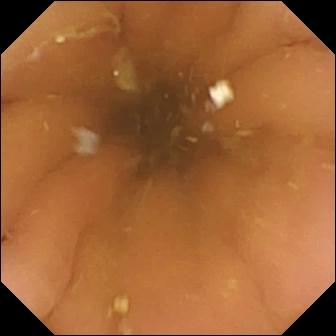Pylorus region — video capsule endoscopy image.